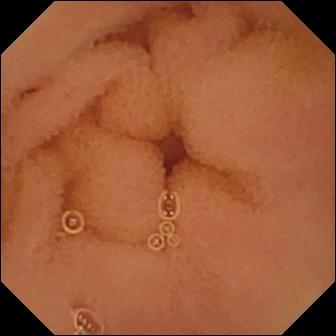Capsule endoscopy image of the small intestine showing normal clean mucosa.